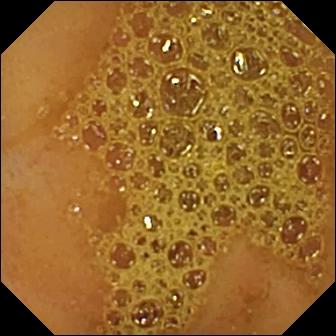PROCEDURE: Video capsule endoscopy.
VIDEO SEGMENT: Ileo-cecal valve region.